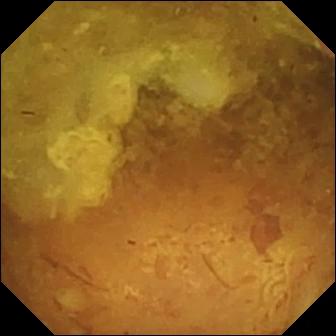This video capsule endoscopy image shows reduced mucosal view (content or bubbles obscuring the mucosa).